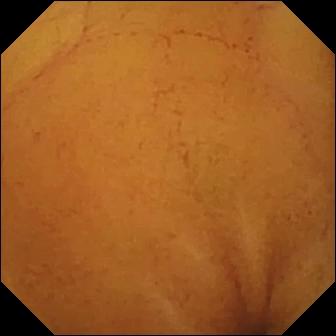Normal clean mucosa.